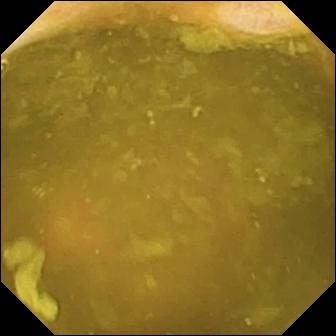Ileo-cecal valve region (the transition from the small bowel to the large bowel) — small-bowel capsule endoscopy frame.